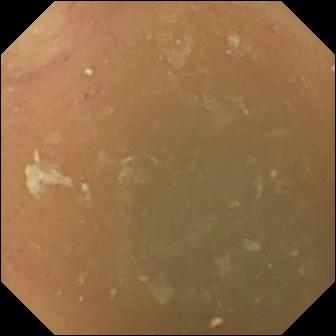This small-bowel capsule endoscopy image of the small bowel shows normal clean mucosa.